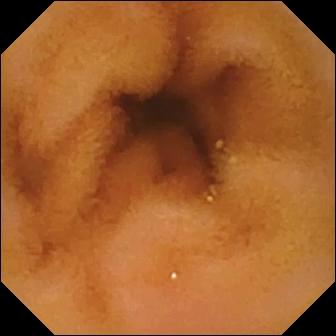- modality: video capsule endoscopy
- impression: normal clean mucosa